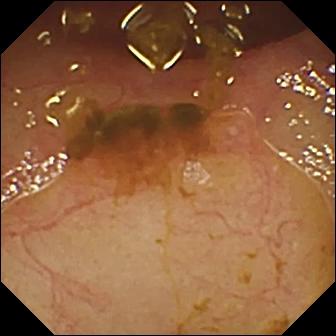Ileo-cecal valve region (the transition from the small bowel to the large bowel), 336×336.